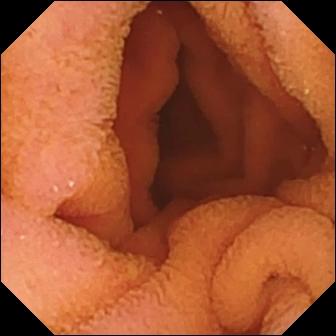modality: video capsule endoscopy
impression: normal clean mucosa